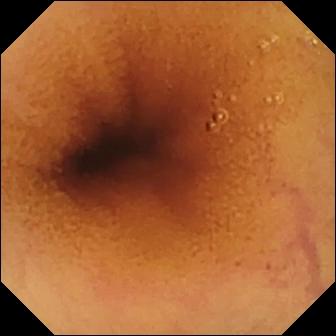{"modality": "video capsule endoscopy", "segment": "small intestine", "finding": "normal clean mucosa"}